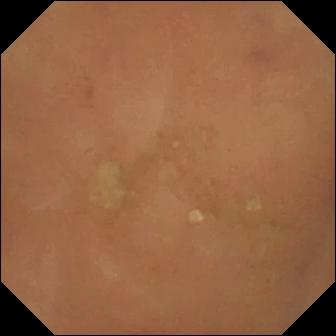PROCEDURE: WCE.
FINDINGS: Normal clean mucosa.